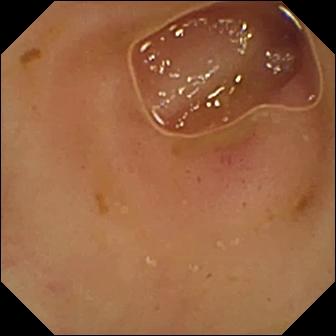- modality: VCE
- impression: erythema (mucosal redness)